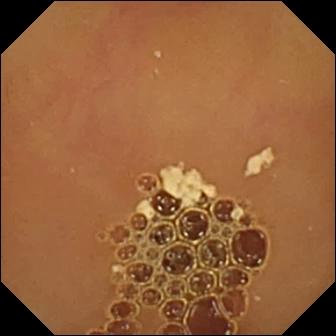Wireless capsule endoscopy still of the small intestine showing normal clean mucosa.